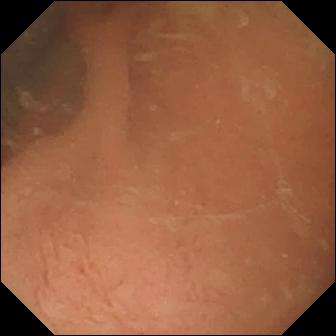WCE snapshot, small bowel
Finding: normal clean mucosa